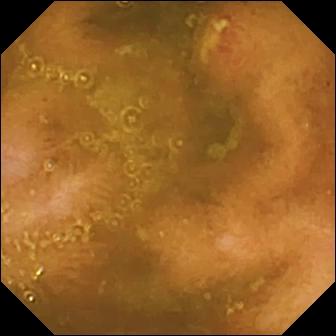Q: What does this wireless capsule endoscopy snapshot show?
A: Ulcer.